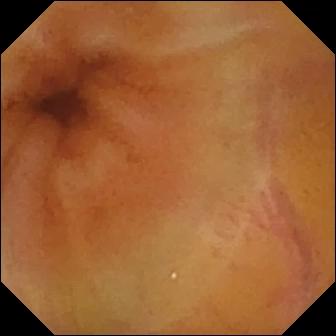Normal clean mucosa — small-bowel capsule endoscopy snapshot.